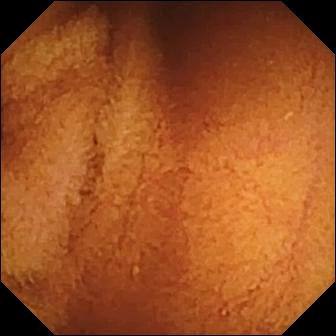modality: video capsule endoscopy; category: luminal finding; observation: normal clean mucosa